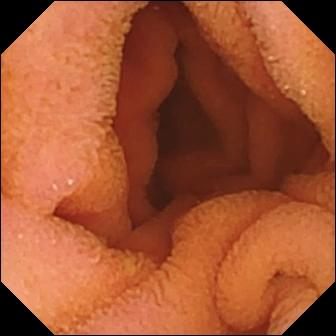modality: WCE; impression: normal clean mucosa